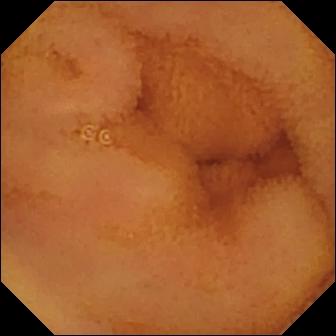Small-bowel capsule endoscopy view, 336×336. Normal clean mucosa.